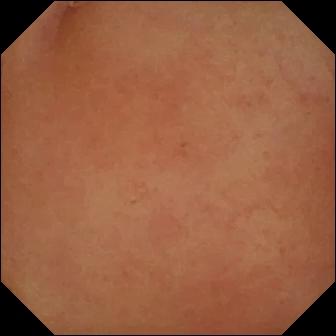This wireless capsule endoscopy still was taken in the pylorus region.